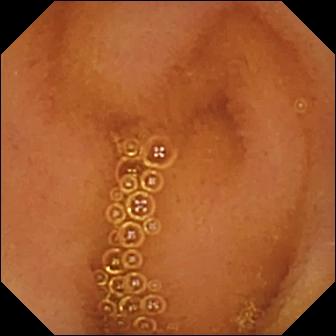{"modality": "video capsule endoscopy", "finding": "normal clean mucosa"}